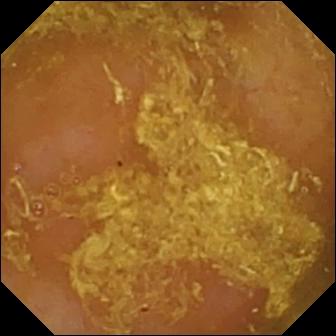Q: What does this capsule endoscopy still of the small intestine show?
A: Reduced mucosal view (content or bubbles obscuring the mucosa).